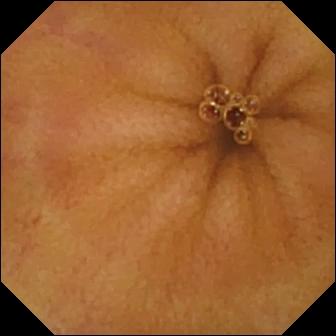Small-bowel capsule endoscopy frame
Impression: normal clean mucosa